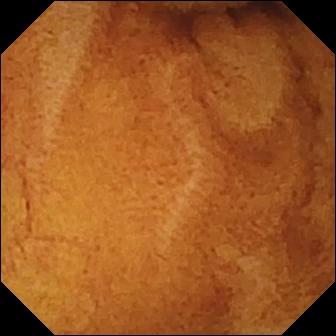VCE snapshot of the small bowel showing normal clean mucosa.